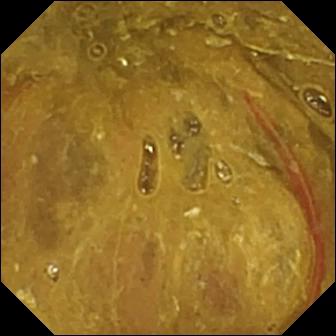PROCEDURE: Wireless capsule endoscopy.
VIDEO SEGMENT: Ileo-cecal valve region (the transition from the small bowel to the large bowel).